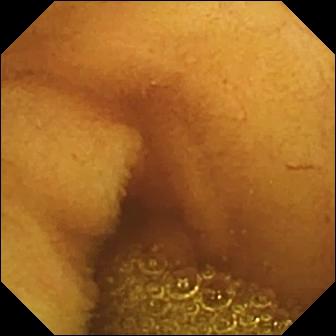WCE image, small intestine
Observation: normal clean mucosa